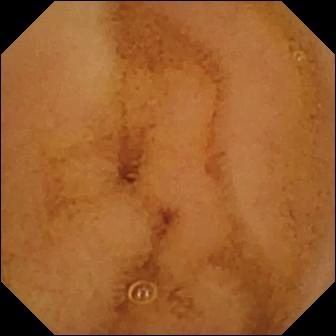Normal clean mucosa — WCE image.